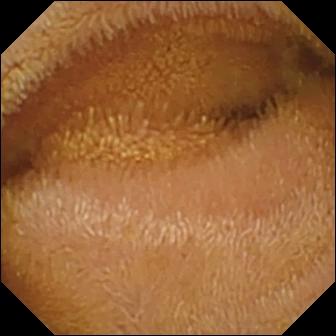Q: What does this wireless capsule endoscopy frame show?
A: Normal clean mucosa.